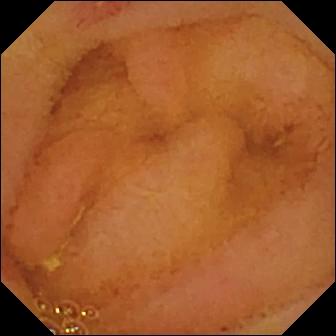Capsule endoscopy. Finding: erosion.